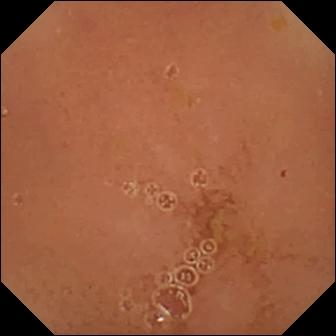This wireless capsule endoscopy view of the small intestine shows normal clean mucosa.